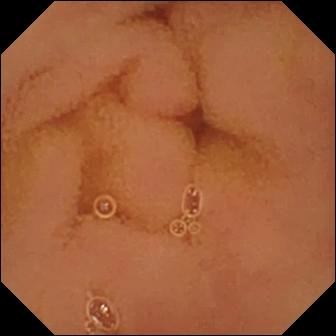Video capsule endoscopy — normal clean mucosa.